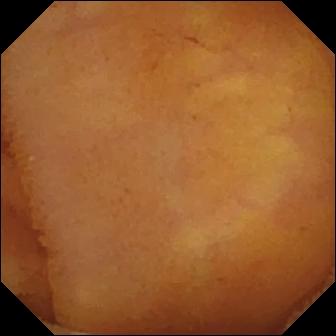Capsule endoscopy snapshot. Normal clean mucosa.